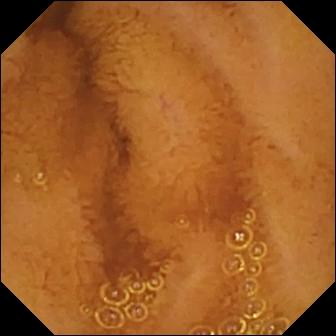Capsule endoscopy — normal clean mucosa.